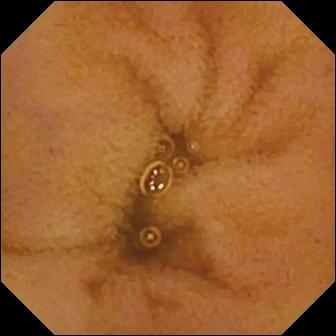WCE view
Label: normal clean mucosa